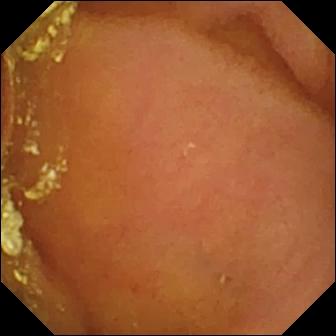Wireless capsule endoscopy view showing normal clean mucosa.